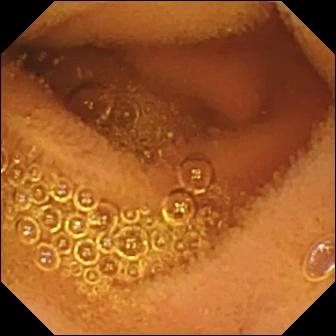Small-bowel capsule endoscopy image, small intestine
Impression: normal clean mucosa